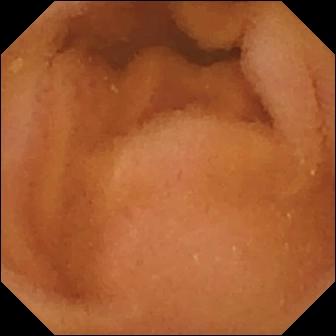Normal clean mucosa.